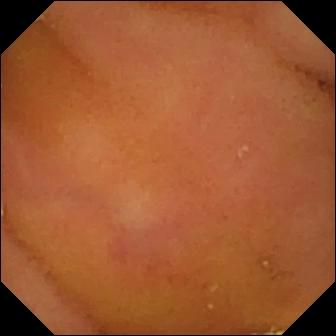Normal clean mucosa.